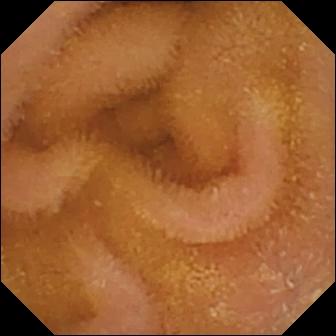Wireless capsule endoscopy snapshot of the small intestine showing normal clean mucosa.